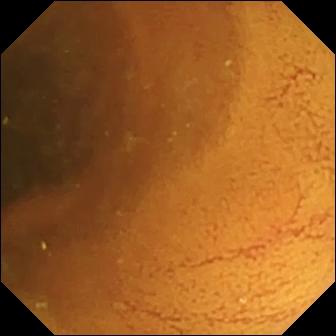- modality: small-bowel capsule endoscopy
- finding: normal clean mucosa